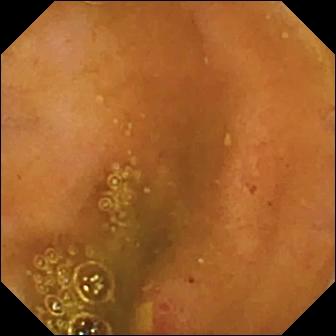This wireless capsule endoscopy frame shows ulcer.